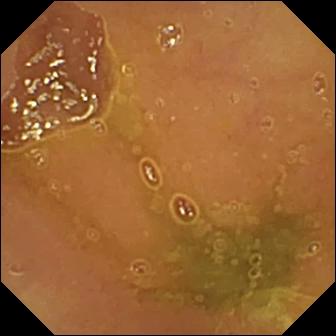{"modality": "small-bowel capsule endoscopy", "finding": "normal clean mucosa"}